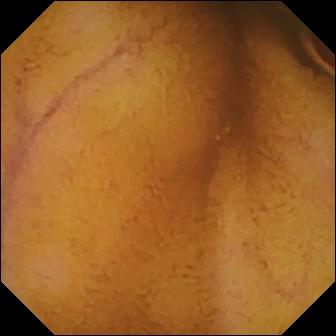VCE still of the small bowel showing normal clean mucosa.